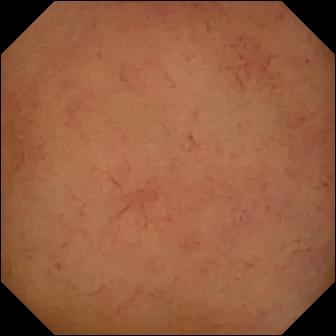Normal clean mucosa — VCE frame.